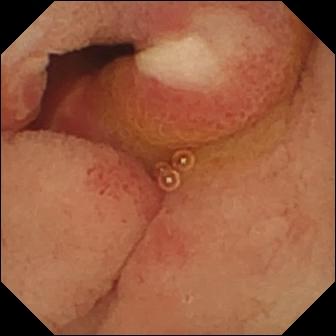Small-bowel capsule endoscopy still showing ulcer.